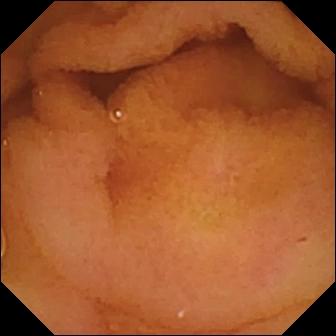Q: What does this VCE still show?
A: Normal clean mucosa.